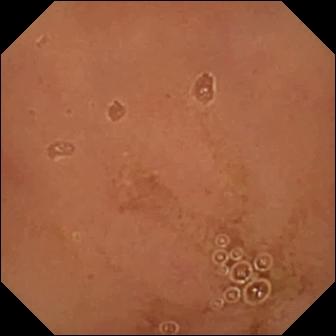Normal clean mucosa (336×336).